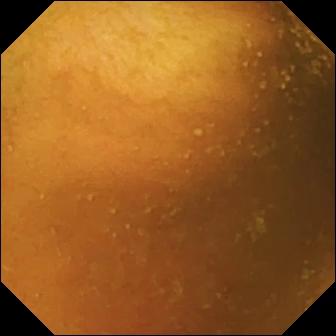modality: small-bowel capsule endoscopy; segment: small intestine; label: normal clean mucosa